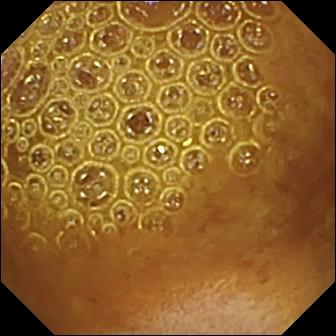Reduced mucosal view (content or bubbles obscuring the mucosa) — WCE image of the small bowel.